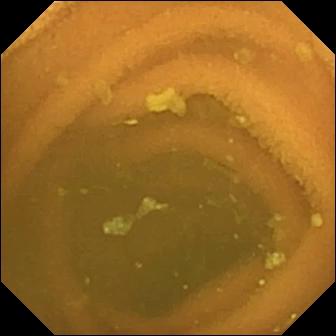- modality: VCE
- segment: small bowel
- impression: normal clean mucosa